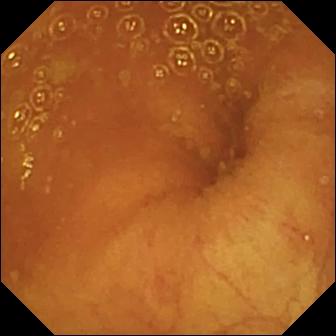Wireless capsule endoscopy — ileo-cecal valve region (where the capsule passes from the small bowel into the large bowel).